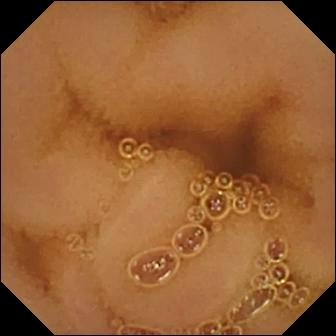Wireless capsule endoscopy snapshot, small intestine
Observation: normal clean mucosa